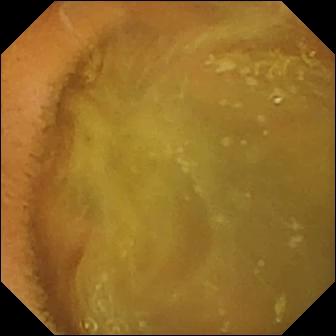- modality: VCE
- category: luminal finding
- label: normal clean mucosa